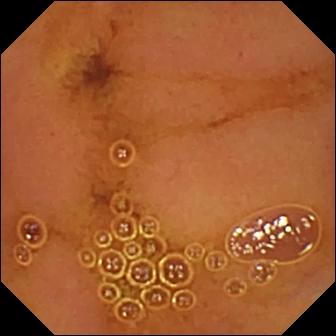{"modality": "capsule endoscopy", "segment": "small bowel", "finding": "normal clean mucosa"}